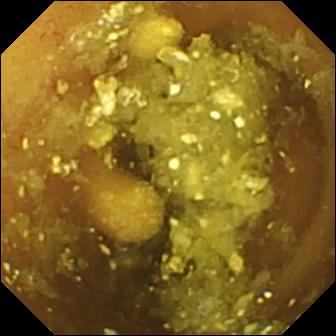- modality: WCE
- impression: lymphangiectasia